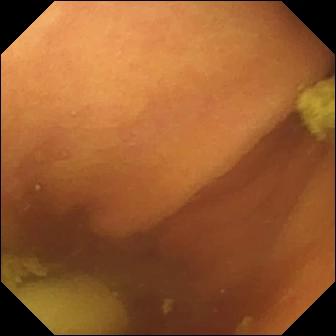Foreign body (e.g. retained capsule, tablet residue) — WCE still.